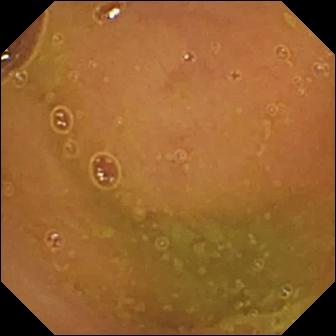Video capsule endoscopy — normal clean mucosa.